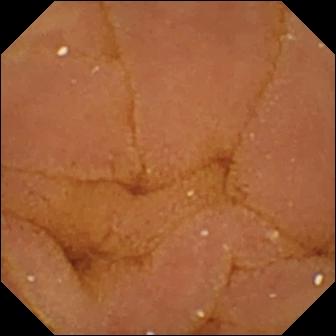This video capsule endoscopy frame of the small intestine shows normal clean mucosa.